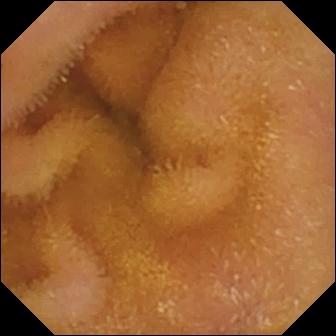WCE. Luminal finding. Observation: normal clean mucosa.